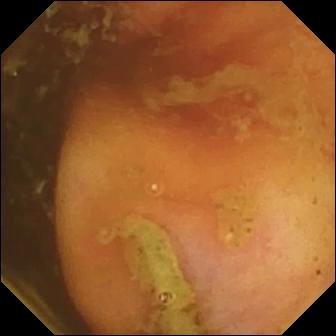PROCEDURE: Small-bowel capsule endoscopy.
LABEL: Ileo-cecal valve region (where the capsule passes from the small bowel into the large bowel).